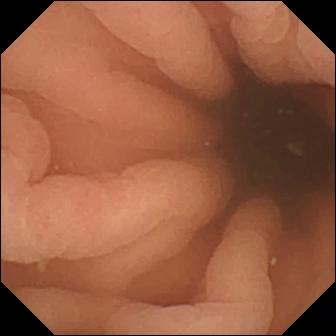VCE snapshot taken in the pylorus region (the junction between the stomach and the small bowel).